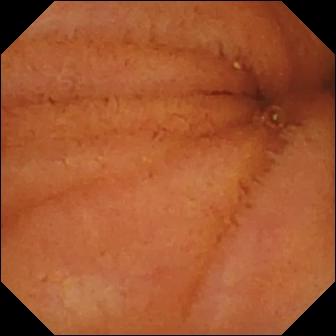Small-bowel capsule endoscopy image, small bowel
Observation: normal clean mucosa